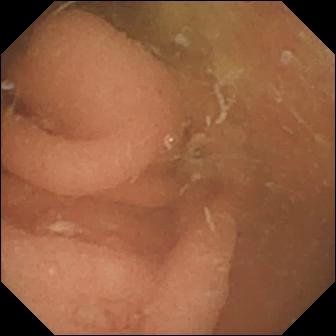This wireless capsule endoscopy still of the small intestine shows normal clean mucosa.